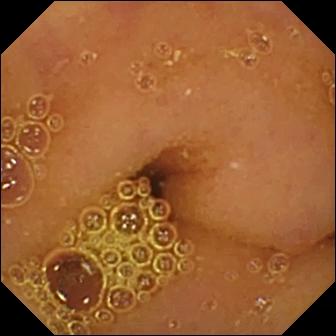{"modality": "video capsule endoscopy", "segment": "small bowel", "finding": "normal clean mucosa"}